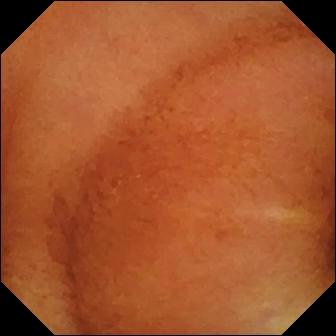WCE view
Impression: normal clean mucosa